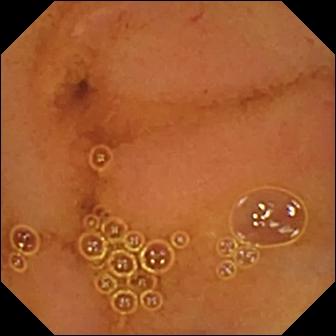VCE — normal clean mucosa.